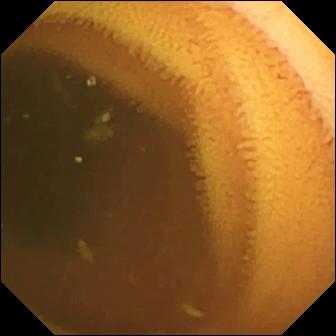Normal clean mucosa (336×336).